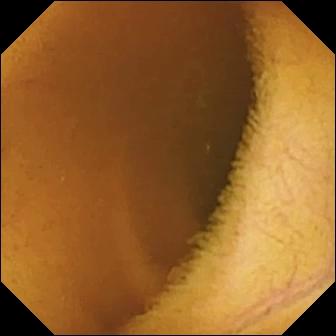WCE. Observation: normal clean mucosa.